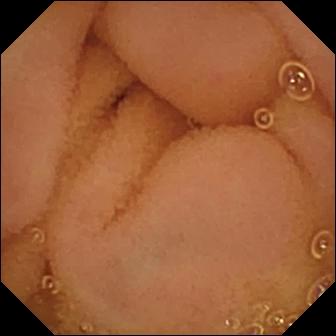modality: capsule endoscopy; segment: small bowel; label: normal clean mucosa